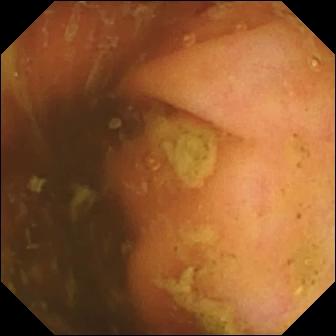modality: wireless capsule endoscopy | position: ileo-cecal valve region